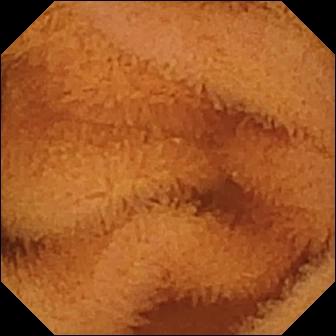Video capsule endoscopy still (small intestine). Normal clean mucosa.